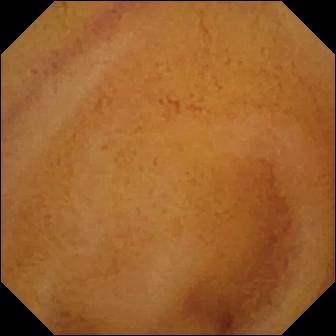Video capsule endoscopy snapshot (small bowel). Normal clean mucosa.